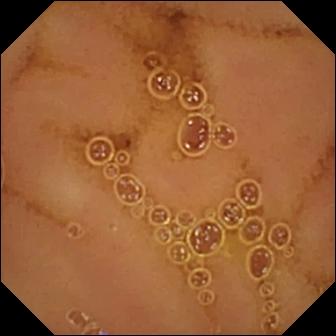modality: video capsule endoscopy
segment: small bowel
observation: normal clean mucosa